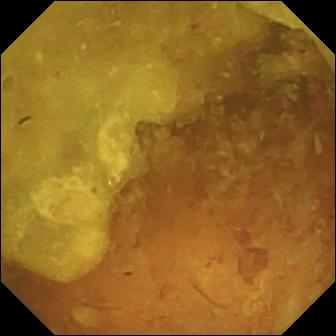WCE — reduced mucosal view (content or bubbles obscuring the mucosa).